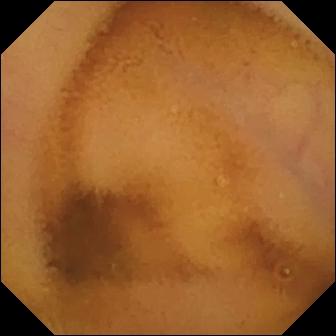- modality: wireless capsule endoscopy
- impression: normal clean mucosa